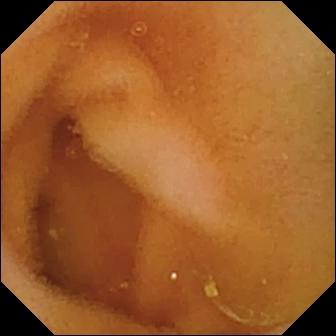PROCEDURE: Wireless capsule endoscopy.
SEGMENT: Small bowel.
FINDINGS: Normal clean mucosa.